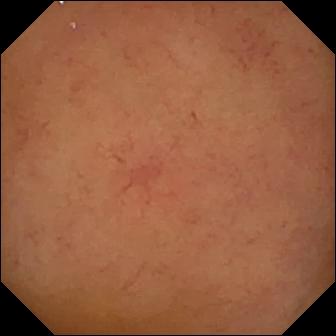Normal clean mucosa (336×336).